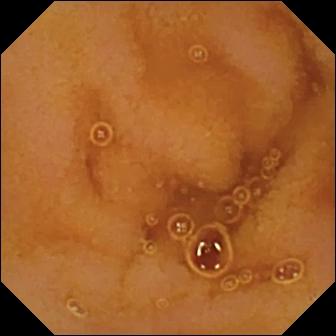WCE. Luminal finding. Impression: normal clean mucosa.